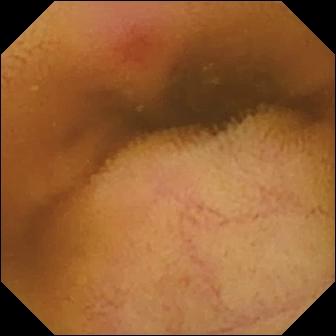Video capsule endoscopy still, 336×336. Erythema (mucosal redness).